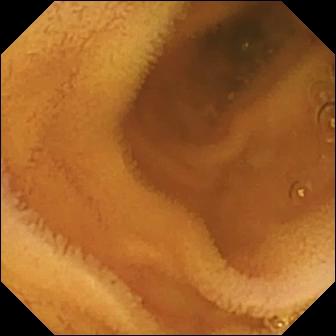This WCE view shows normal clean mucosa.